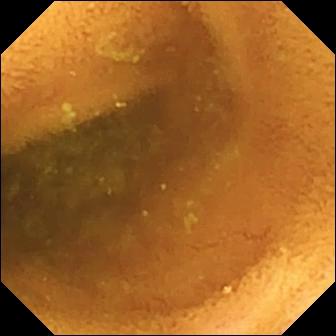WCE image of the small bowel showing normal clean mucosa.